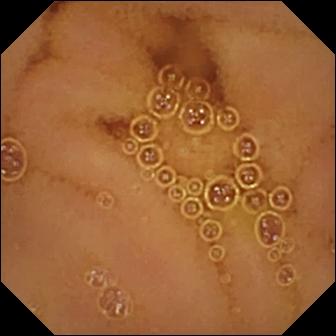Normal clean mucosa.